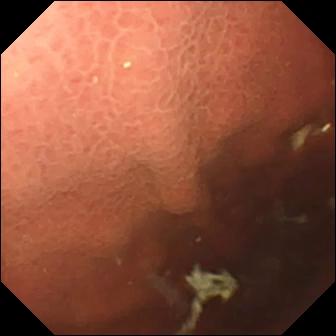- modality: WCE
- label: pylorus region